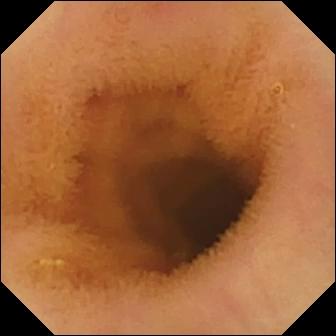This WCE image of the small bowel shows normal clean mucosa.